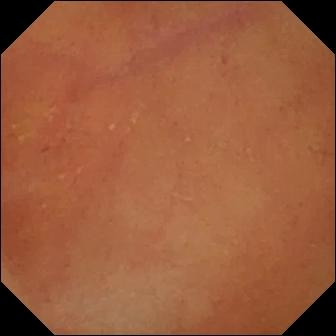modality: video capsule endoscopy; impression: normal clean mucosa